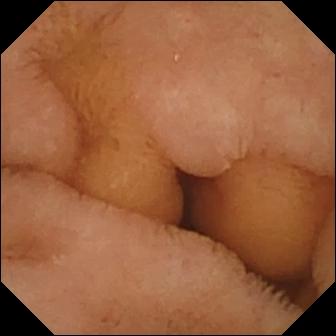{"modality": "video capsule endoscopy", "segment": "small intestine", "category": "luminal finding", "finding": "normal clean mucosa"}